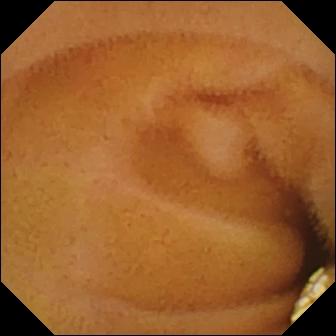Q: What does this small-bowel capsule endoscopy frame show?
A: Lymphangiectasia.